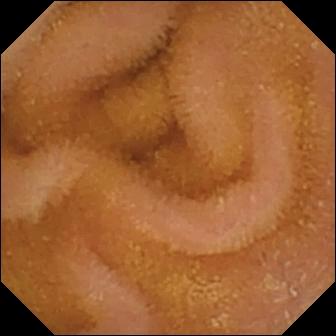modality: WCE
category: luminal finding
label: normal clean mucosa